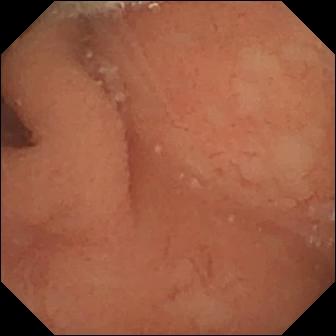Capsule endoscopy — normal clean mucosa.